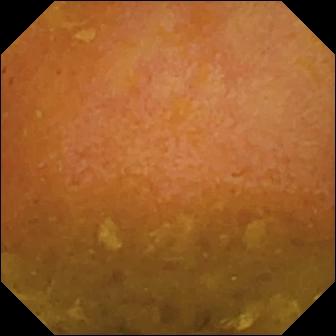modality: wireless capsule endoscopy; segment: small intestine; label: reduced mucosal view (content or bubbles obscuring the mucosa)